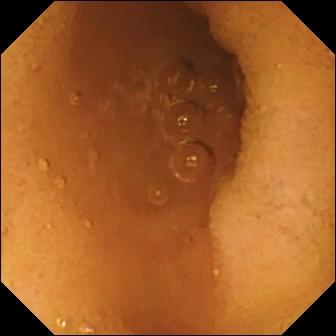VCE — normal clean mucosa.